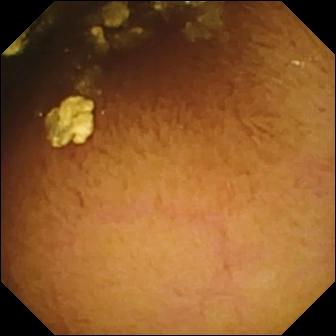WCE snapshot of the small bowel showing normal clean mucosa.